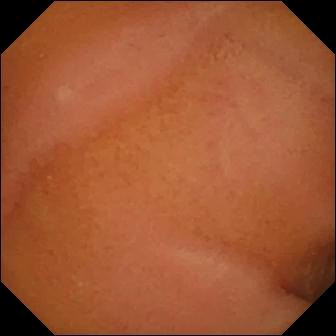VCE — normal clean mucosa.